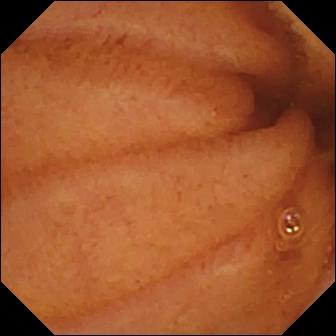This VCE frame shows normal clean mucosa.